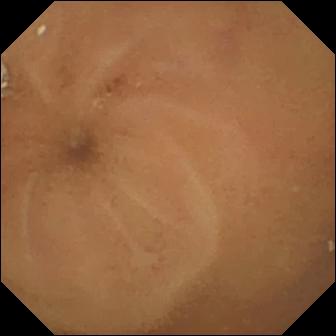Video capsule endoscopy still showing normal clean mucosa.